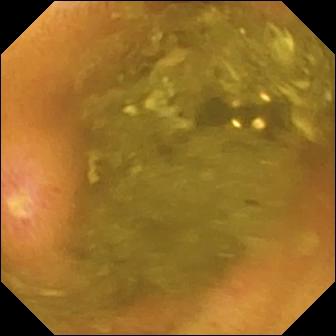Wireless capsule endoscopy snapshot. Ulcer.